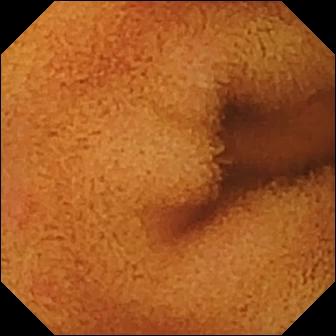Normal clean mucosa — small-bowel capsule endoscopy frame.